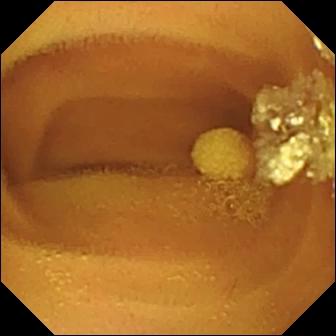WCE view showing lymphangiectasia.